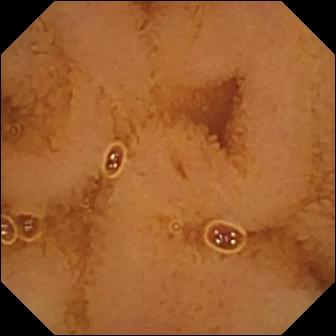This WCE frame shows normal clean mucosa.